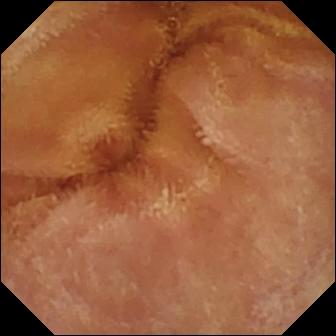This wireless capsule endoscopy snapshot of the small bowel shows normal clean mucosa.